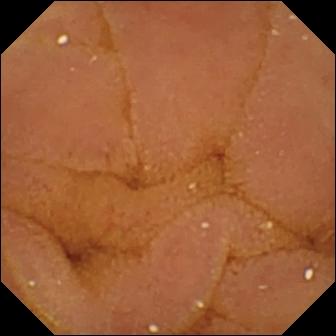PROCEDURE: WCE.
SEGMENT: Small bowel.
FINDINGS: Normal clean mucosa.